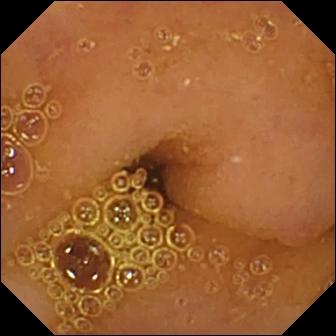Small-bowel capsule endoscopy snapshot of the small bowel showing normal clean mucosa.